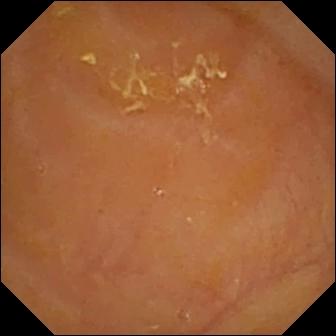- modality: small-bowel capsule endoscopy
- segment: small intestine
- label: reduced mucosal view (content or bubbles obscuring the mucosa)